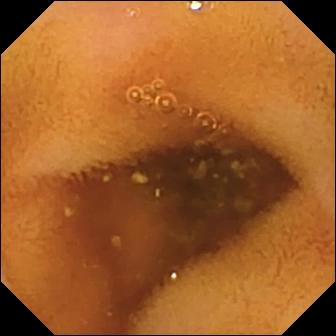Normal clean mucosa (336×336).